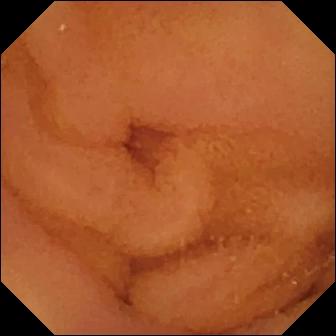VCE view of the small bowel showing normal clean mucosa.